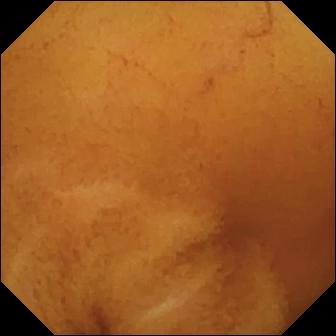modality: VCE; segment: small intestine; impression: normal clean mucosa